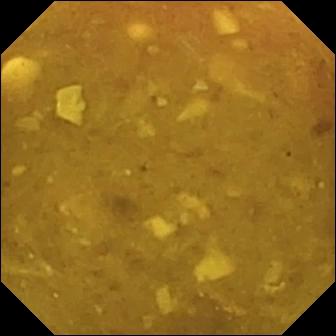Reduced mucosal view (content or bubbles obscuring the mucosa) — small-bowel capsule endoscopy image.